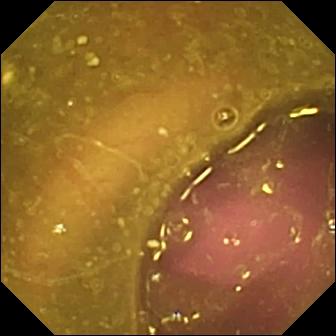VCE image showing reduced mucosal view (content or bubbles obscuring the mucosa).